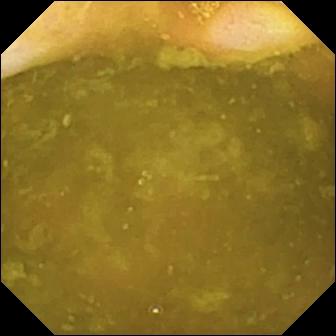{"modality": "capsule endoscopy", "location": "ileo-cecal valve region (the transition from the small bowel to the large bowel)"}